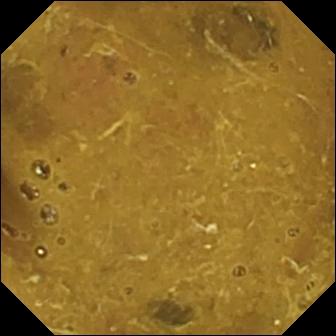WCE frame taken in the ileo-cecal valve region (the transition from the small bowel to the large bowel).